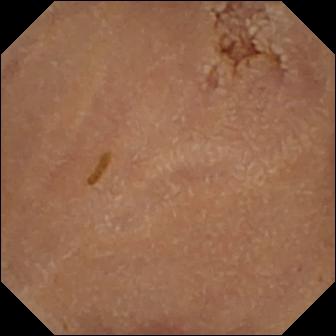{"modality": "capsule endoscopy", "finding": "normal clean mucosa"}